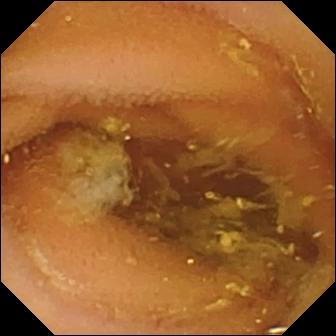Video capsule endoscopy frame
Finding: normal clean mucosa